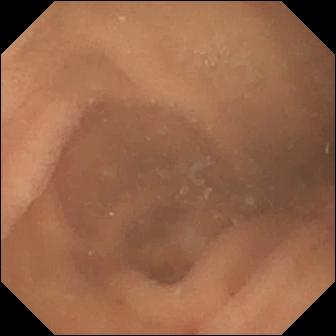Normal clean mucosa.